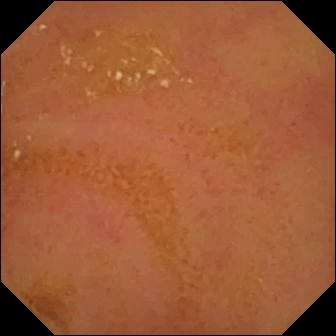- modality: WCE
- segment: small bowel
- label: normal clean mucosa